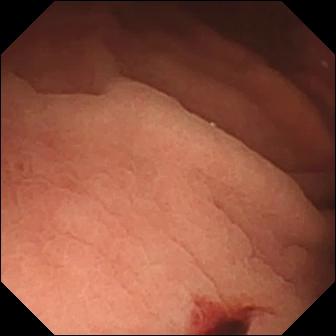- modality: WCE
- finding: angiectasia